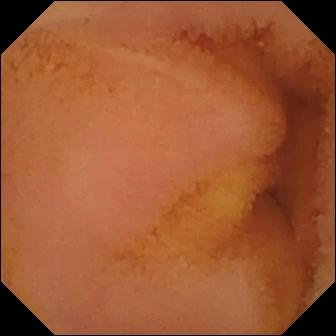This capsule endoscopy still shows normal clean mucosa.